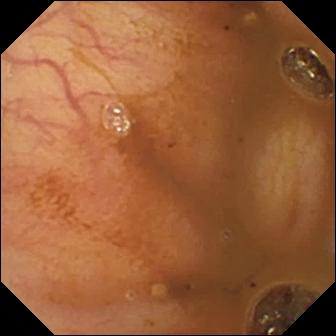{"modality": "wireless capsule endoscopy", "position": "ileo-cecal valve region (the transition from the small bowel to the large bowel)"}